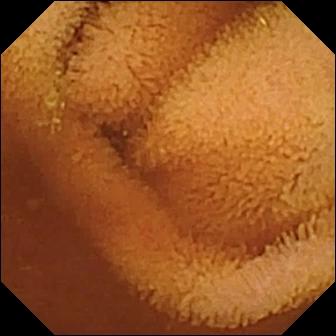Small-bowel capsule endoscopy. Small intestine. Finding: normal clean mucosa.